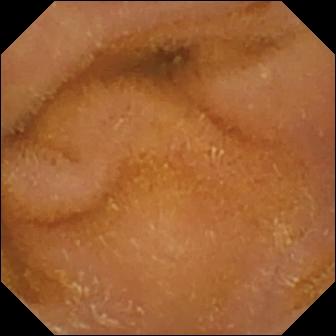VCE — normal clean mucosa.